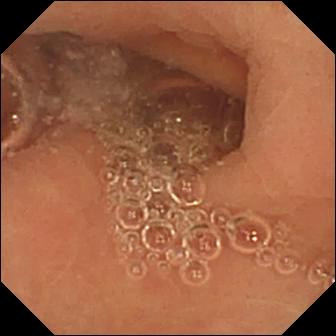- modality: WCE
- category: luminal finding
- label: normal clean mucosa